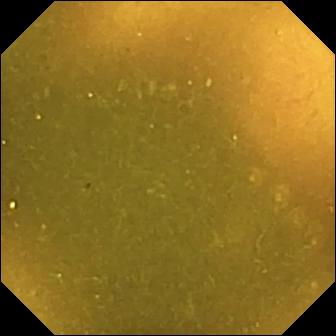WCE snapshot
Video segment: ileo-cecal valve region (the transition from the small bowel to the large bowel)